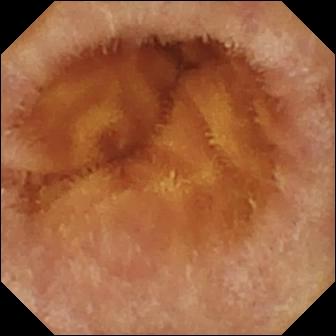Q: What does this capsule endoscopy view show?
A: Normal clean mucosa.